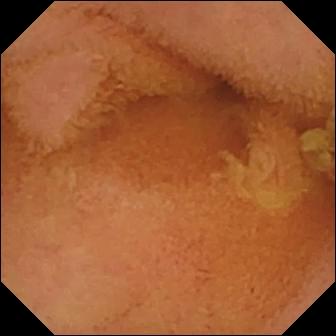Video capsule endoscopy snapshot, small intestine
Finding: normal clean mucosa